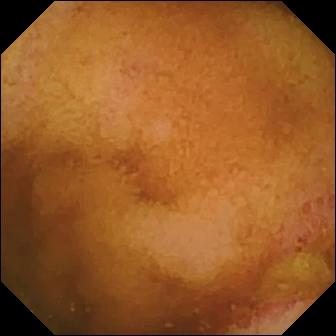VCE — erosion.